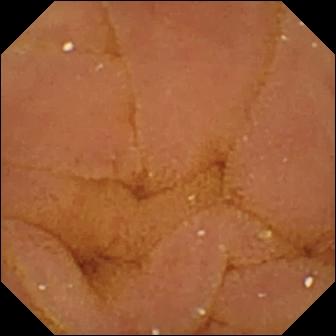{"modality": "wireless capsule endoscopy", "segment": "small intestine", "category": "luminal finding", "finding": "normal clean mucosa"}